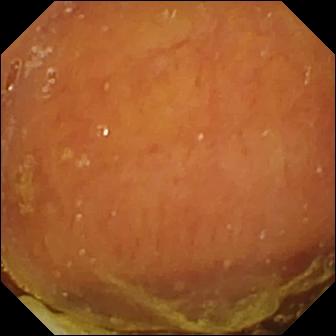Q: What does this capsule endoscopy image show?
A: Normal clean mucosa.